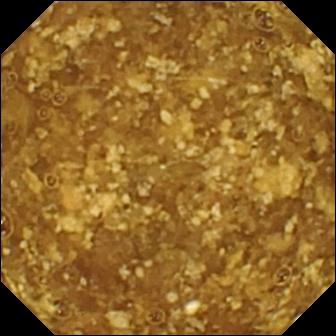{"modality": "video capsule endoscopy", "category": "luminal finding", "finding": "reduced mucosal view (content or bubbles obscuring the mucosa)"}